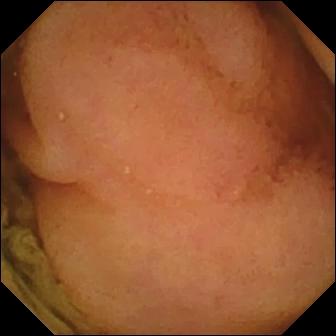Polyp.